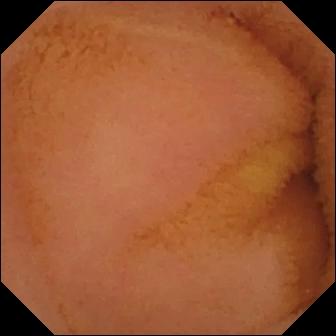Wireless capsule endoscopy. Small intestine. Finding: normal clean mucosa.